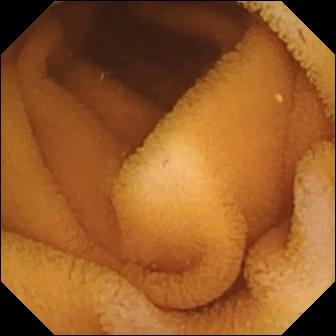{"modality": "wireless capsule endoscopy", "finding": "normal clean mucosa"}